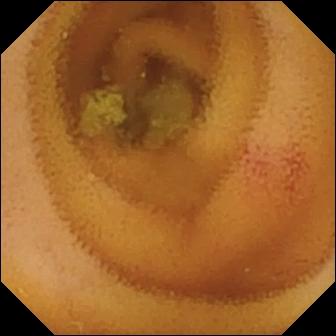{"modality": "capsule endoscopy", "finding": "angiectasia"}